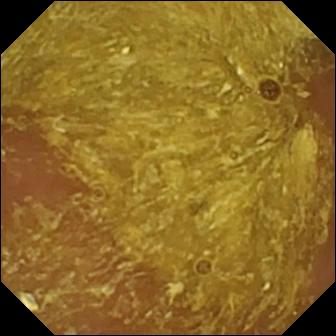Small-bowel capsule endoscopy. Small intestine. Label: reduced mucosal view (content or bubbles obscuring the mucosa).